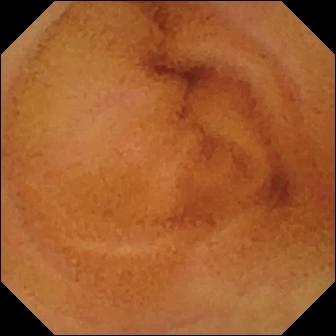VCE still showing normal clean mucosa.